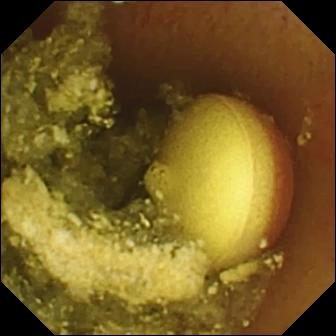PROCEDURE: Video capsule endoscopy.
FINDINGS: Foreign body (e.g. retained capsule, tablet residue).